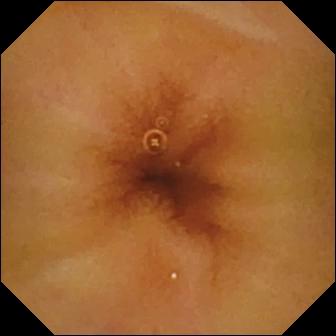- modality: wireless capsule endoscopy
- label: normal clean mucosa